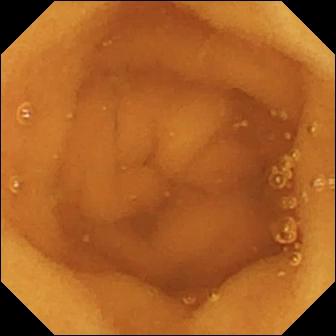VCE frame
Impression: normal clean mucosa